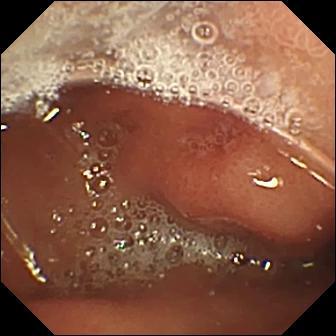Q: What does this WCE frame show?
A: Erosion.